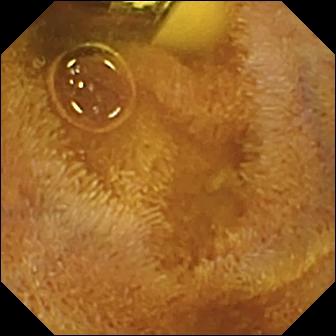Small-bowel capsule endoscopy frame showing foreign body (e.g. retained capsule, tablet residue).